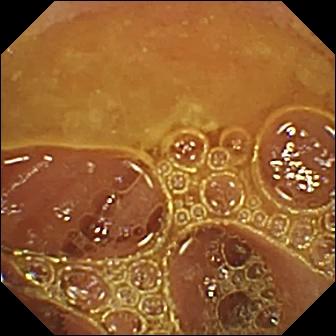Normal clean mucosa.